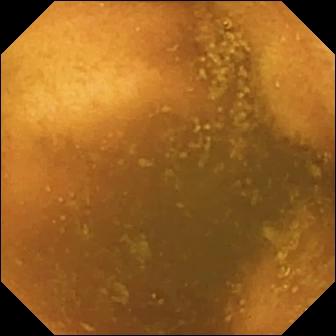WCE frame, small bowel
Impression: normal clean mucosa